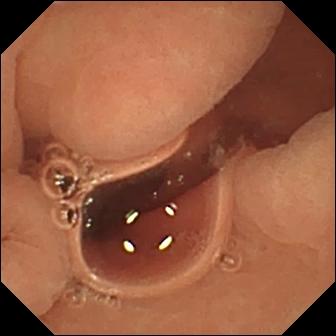Q: What does this WCE snapshot show?
A: Normal clean mucosa.